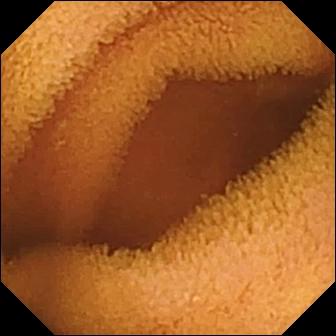- modality: small-bowel capsule endoscopy
- observation: normal clean mucosa